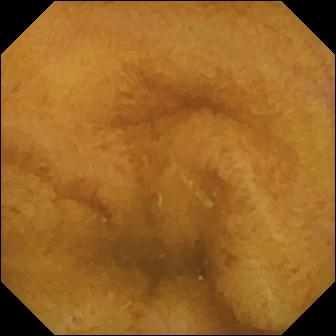{"modality": "video capsule endoscopy", "segment": "small bowel", "category": "luminal finding", "finding": "normal clean mucosa"}